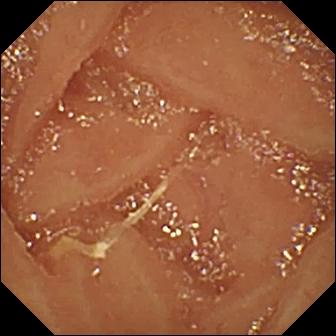WCE snapshot, small intestine
Label: normal clean mucosa